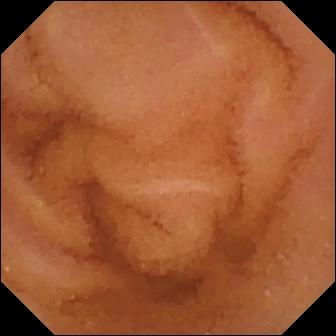Normal clean mucosa — small-bowel capsule endoscopy view.